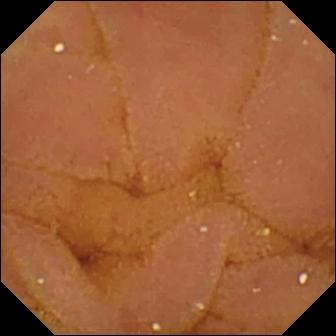{"modality": "VCE", "finding": "normal clean mucosa"}